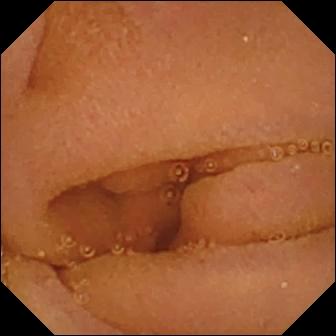Wireless capsule endoscopy snapshot showing normal clean mucosa.